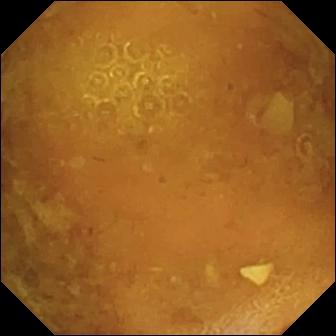VCE — reduced mucosal view (content or bubbles obscuring the mucosa).